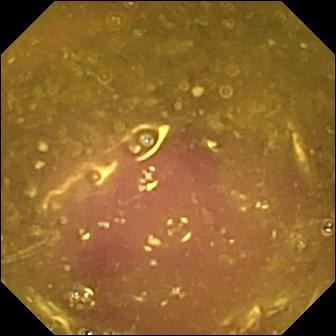Wireless capsule endoscopy still (small bowel). Reduced mucosal view (content or bubbles obscuring the mucosa).